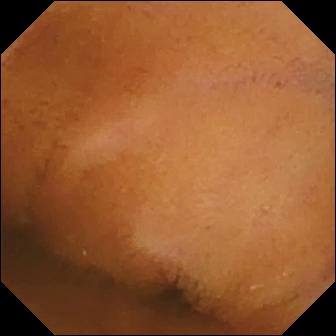Capsule endoscopy still, small bowel
Finding: normal clean mucosa